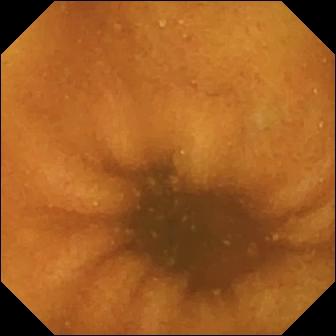Capsule endoscopy — normal clean mucosa.